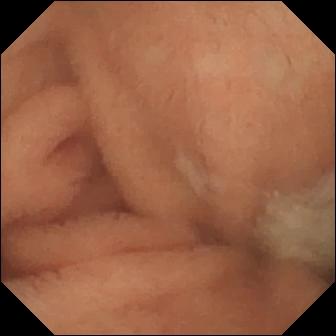Capsule endoscopy still
Impression: normal clean mucosa